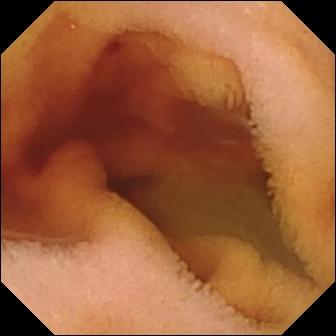Fresh blood in the lumen.